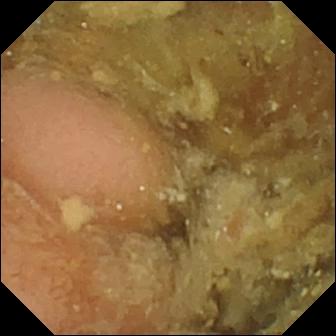Pylorus region — WCE frame.